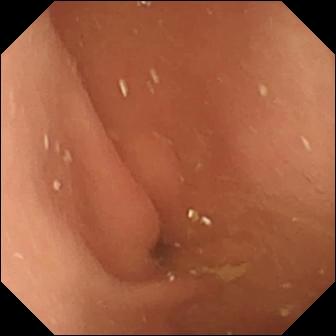- modality: VCE
- position: pylorus region (where the capsule passes from the stomach into the small bowel)